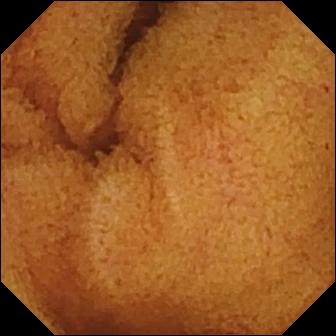- modality: VCE
- segment: small bowel
- impression: normal clean mucosa